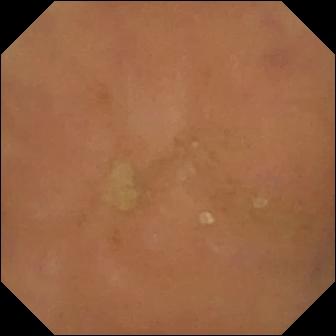This WCE view of the small intestine shows normal clean mucosa.